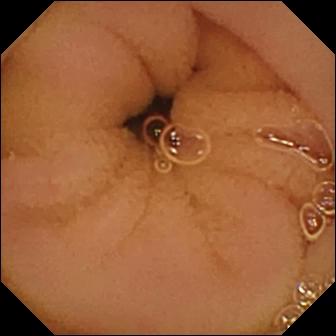Normal clean mucosa (336×336).